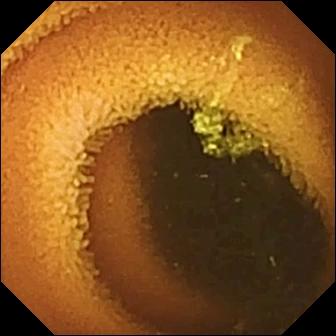Small-bowel capsule endoscopy. Small intestine. Luminal finding. Observation: normal clean mucosa.